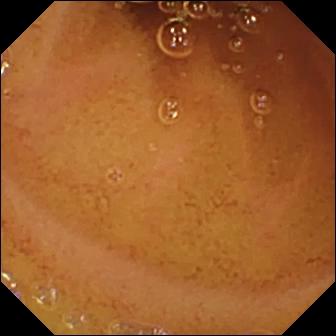Capsule endoscopy image (small intestine). Normal clean mucosa.